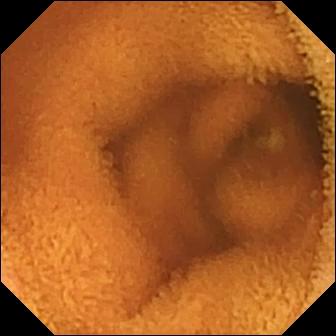Small-bowel capsule endoscopy view
Impression: normal clean mucosa